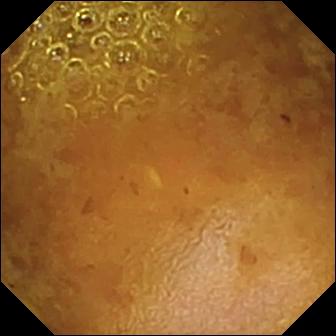- modality: small-bowel capsule endoscopy
- segment: small bowel
- finding: reduced mucosal view (content or bubbles obscuring the mucosa)